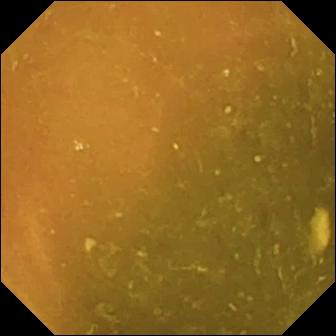Ileo-cecal valve region — video capsule endoscopy frame.